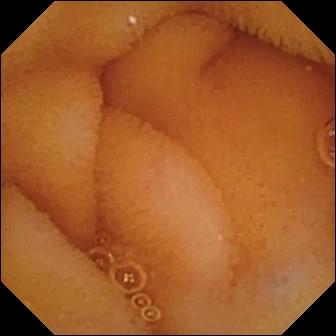Normal clean mucosa (336×336).